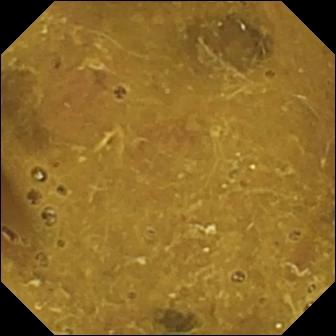This VCE snapshot was taken in the ileo-cecal valve region.